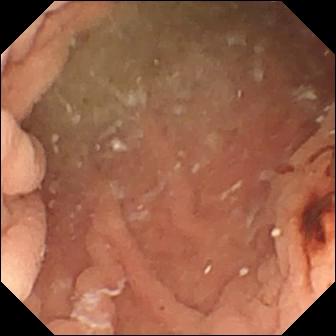{"modality": "VCE", "finding": "angiectasia"}